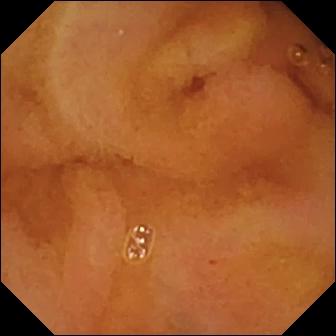Small-bowel capsule endoscopy — normal clean mucosa.